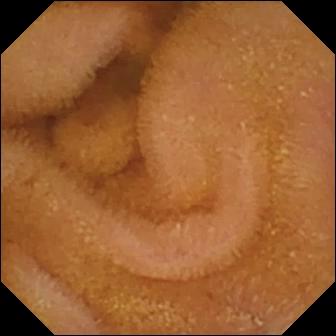Normal clean mucosa — video capsule endoscopy snapshot of the small bowel.